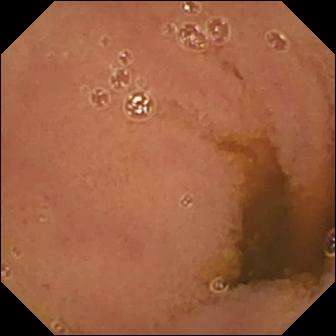modality: WCE; observation: normal clean mucosa